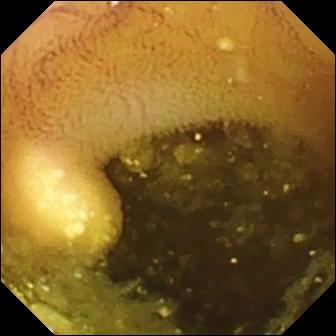Wireless capsule endoscopy frame
Label: lymphangiectasia